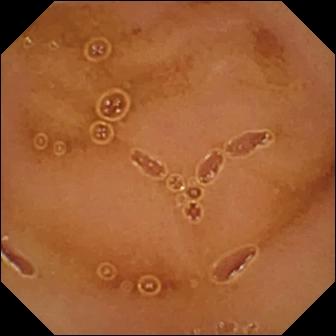This video capsule endoscopy image shows normal clean mucosa.